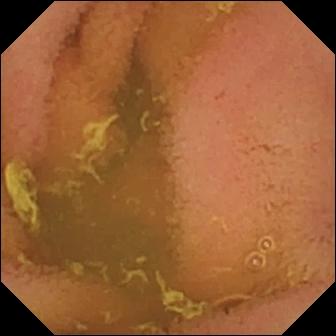Normal clean mucosa — WCE view of the small intestine.